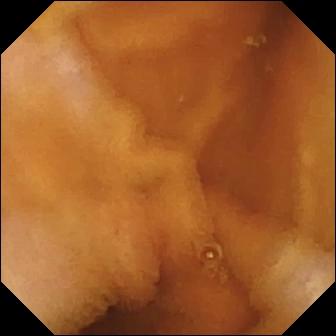VCE still of the small intestine showing normal clean mucosa.